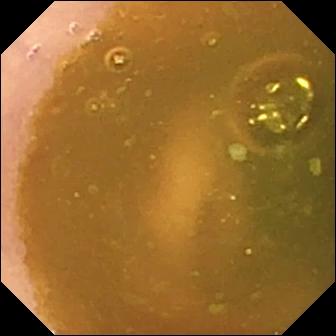Small-bowel capsule endoscopy snapshot, 336×336. Normal clean mucosa.